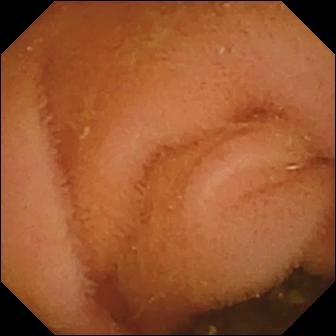Q: What does this WCE view show?
A: Normal clean mucosa.